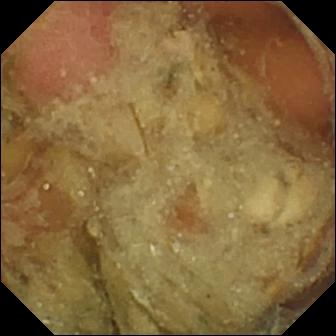Wireless capsule endoscopy. Video segment: pylorus region (where the capsule passes from the stomach into the small bowel).